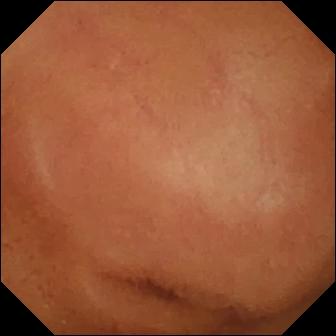Video capsule endoscopy view. Normal clean mucosa.